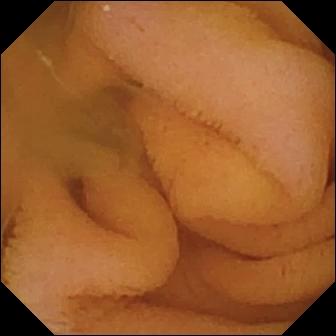PROCEDURE: Video capsule endoscopy.
SEGMENT: Small bowel.
FINDINGS: Normal clean mucosa.